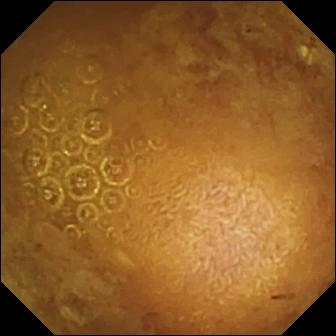- modality: VCE
- segment: small bowel
- category: luminal finding
- label: reduced mucosal view (content or bubbles obscuring the mucosa)